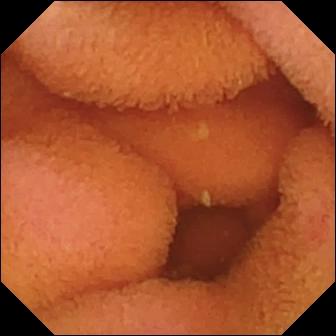Normal clean mucosa (336×336).